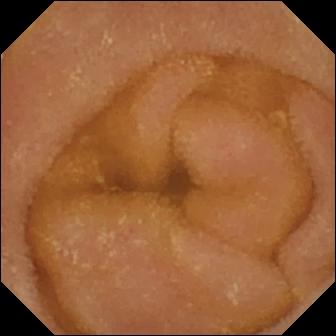This VCE snapshot of the small bowel shows normal clean mucosa.